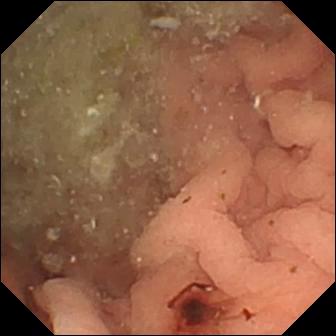Small-bowel capsule endoscopy — angiectasia.